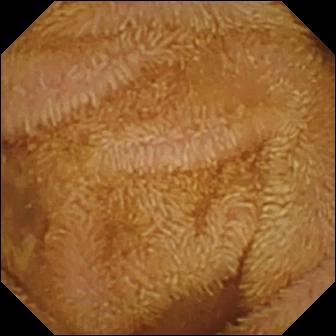- modality: wireless capsule endoscopy
- impression: normal clean mucosa